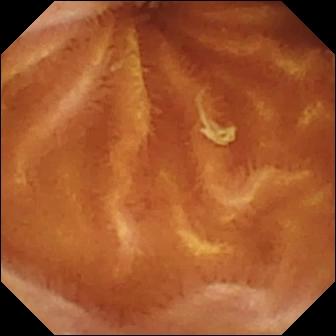WCE image showing normal clean mucosa.